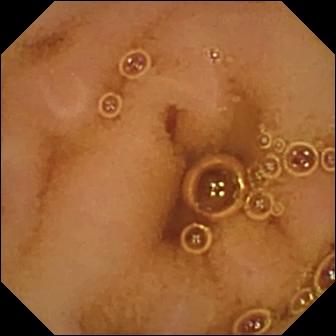Capsule endoscopy snapshot (small bowel). Normal clean mucosa.